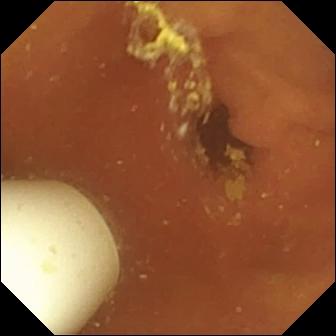Video capsule endoscopy. Luminal finding. Label: foreign body (e.g. retained capsule, tablet residue).